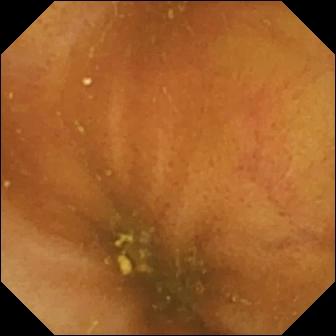Wireless capsule endoscopy. Label: ileo-cecal valve region.